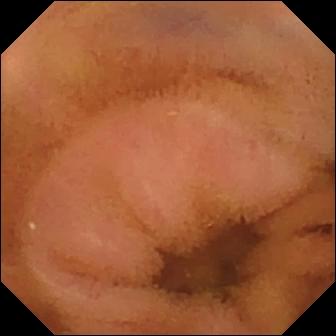This wireless capsule endoscopy image shows normal clean mucosa.